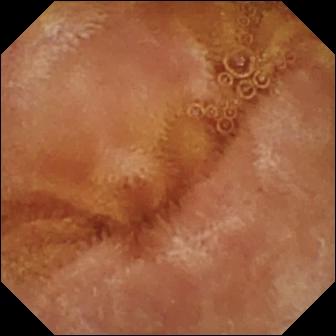Normal clean mucosa.